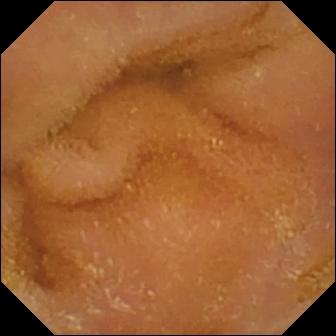Q: What does this small-bowel capsule endoscopy image of the small intestine show?
A: Normal clean mucosa.